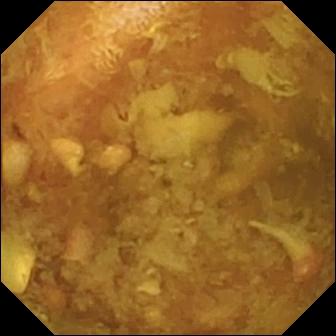PROCEDURE: Capsule endoscopy.
SEGMENT: Small intestine.
FINDINGS: Reduced mucosal view (content or bubbles obscuring the mucosa).